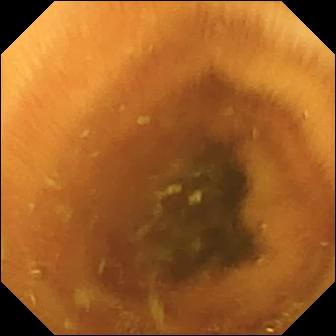Normal clean mucosa.